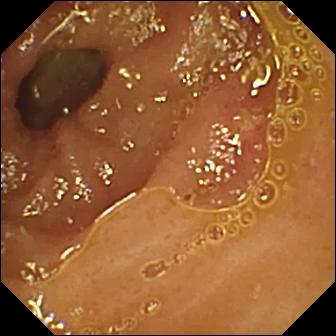PROCEDURE: Capsule endoscopy.
FINDINGS: Ulcer.